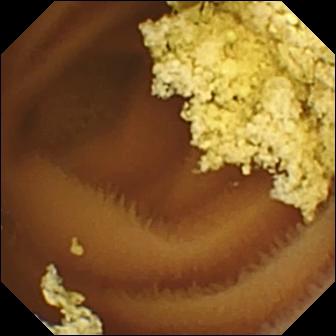Video capsule endoscopy — normal clean mucosa.